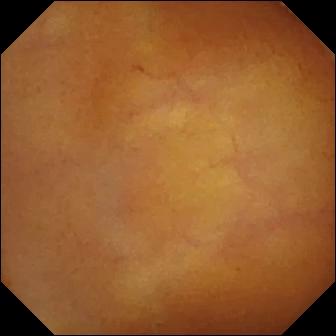Small-bowel capsule endoscopy snapshot. Normal clean mucosa.